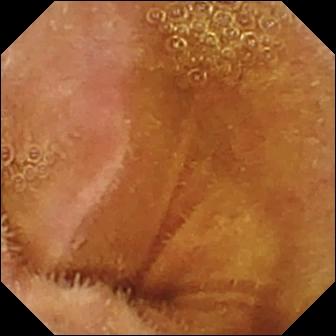This video capsule endoscopy image shows normal clean mucosa.